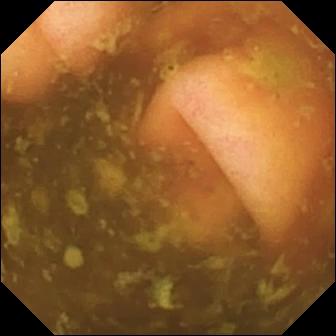Ileo-cecal valve region — wireless capsule endoscopy snapshot.